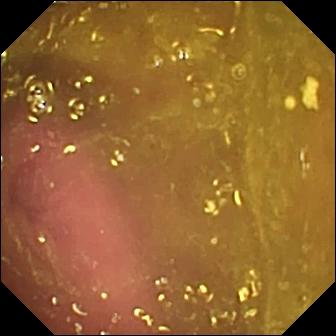PROCEDURE: WCE.
SEGMENT: Small bowel.
FINDINGS: Reduced mucosal view (content or bubbles obscuring the mucosa).